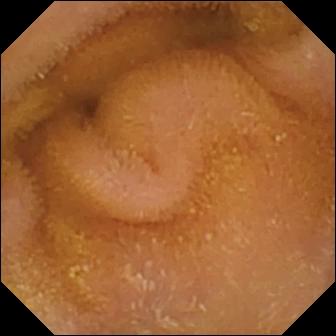PROCEDURE: VCE.
SEGMENT: Small intestine.
FINDINGS: Normal clean mucosa.